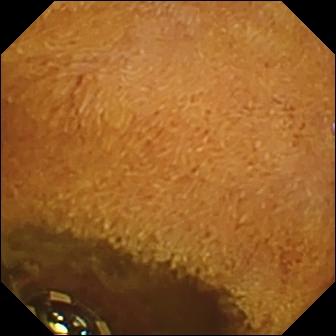{"modality": "small-bowel capsule endoscopy", "finding": "foreign body (e.g. retained capsule, tablet residue)"}